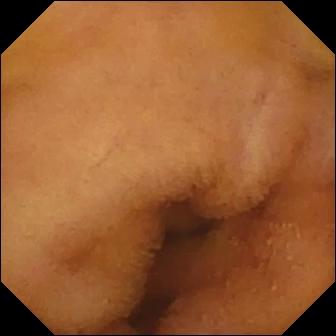WCE view showing normal clean mucosa.